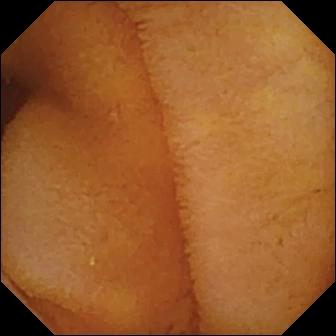This small-bowel capsule endoscopy frame shows normal clean mucosa.